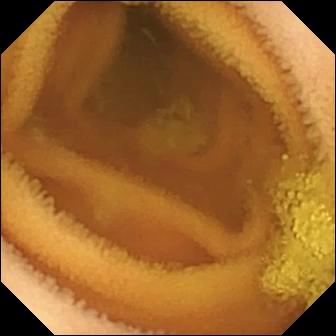PROCEDURE: WCE.
FINDINGS: Normal clean mucosa.